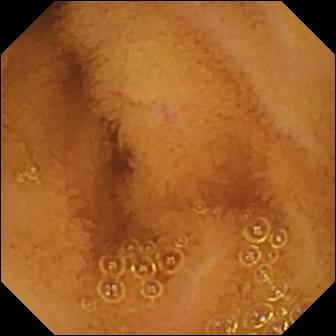Q: What does this WCE view show?
A: Normal clean mucosa.